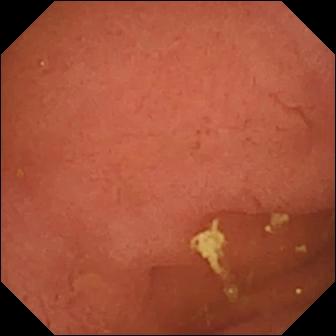{"modality": "small-bowel capsule endoscopy", "category": "anatomical landmark", "label": "pylorus region (the junction between the stomach and the small bowel)"}